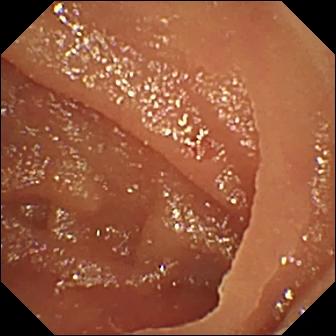Small-bowel capsule endoscopy snapshot
Finding: angiectasia